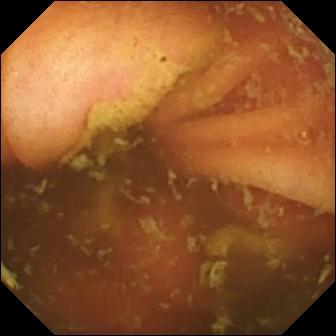WCE — ileo-cecal valve region (where the capsule passes from the small bowel into the large bowel).